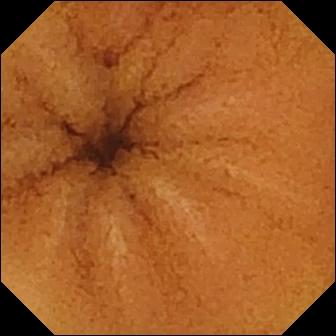Normal clean mucosa.